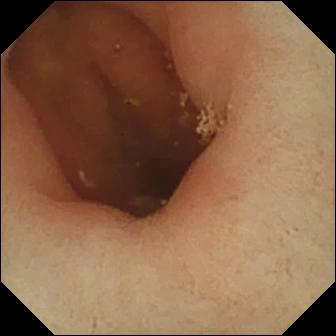Pylorus region — WCE still.